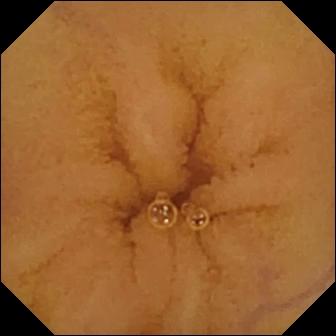Normal clean mucosa — small-bowel capsule endoscopy still of the small intestine.